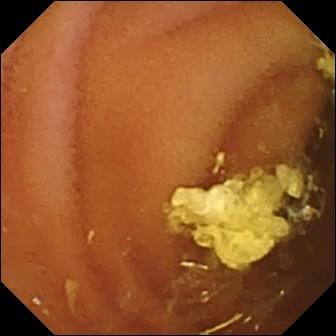This video capsule endoscopy view of the small bowel shows normal clean mucosa.